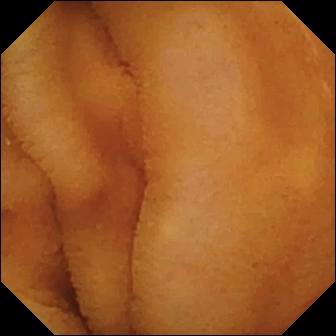Wireless capsule endoscopy frame (small intestine). Normal clean mucosa.